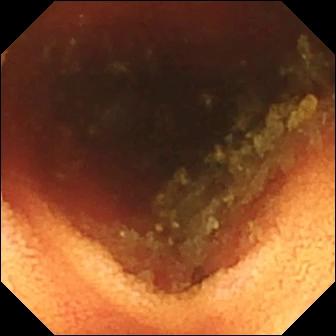PROCEDURE: Small-bowel capsule endoscopy.
VIDEO SEGMENT: Ileo-cecal valve region (where the capsule passes from the small bowel into the large bowel).